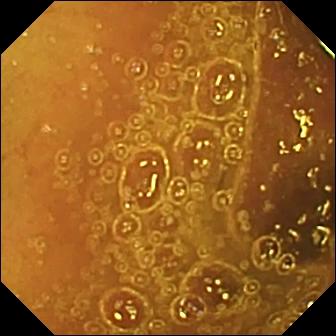Normal clean mucosa.